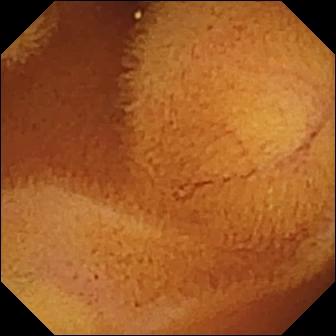WCE view
Observation: normal clean mucosa